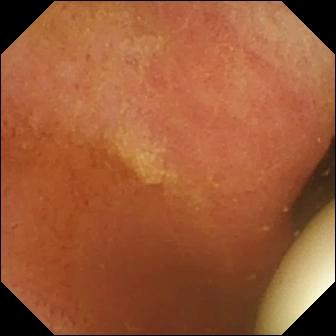Foreign body (e.g. retained capsule, tablet residue).